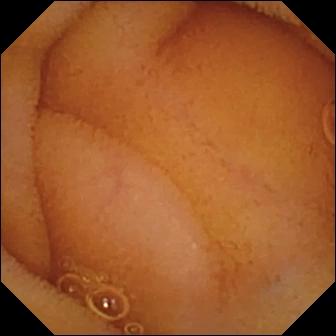Wireless capsule endoscopy — normal clean mucosa.